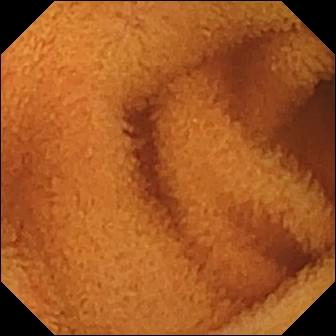- modality: wireless capsule endoscopy
- segment: small bowel
- category: luminal finding
- impression: normal clean mucosa